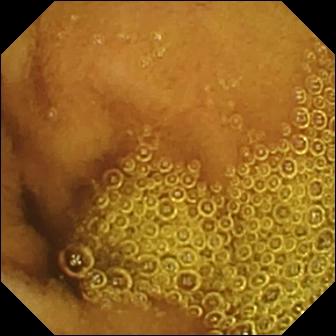Capsule endoscopy snapshot (small intestine). Normal clean mucosa.